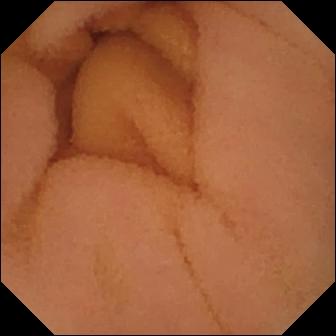This wireless capsule endoscopy snapshot shows normal clean mucosa.